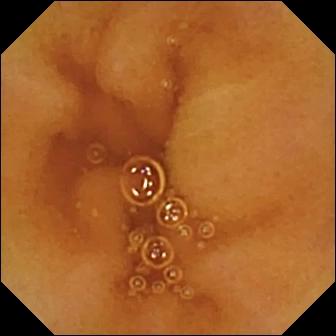{"modality": "wireless capsule endoscopy", "finding": "normal clean mucosa"}